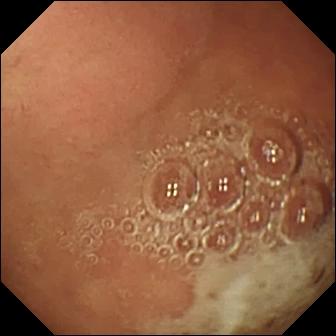- modality: video capsule endoscopy
- category: anatomical landmark
- position: pylorus region (where the capsule passes from the stomach into the small bowel)